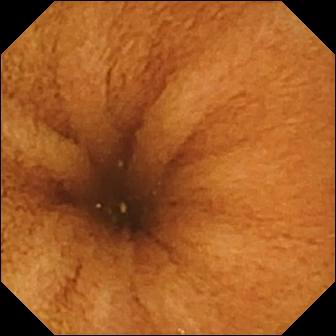Video capsule endoscopy frame of the small bowel showing normal clean mucosa.